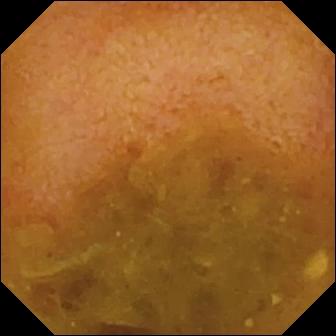Wireless capsule endoscopy view
Observation: reduced mucosal view (content or bubbles obscuring the mucosa)